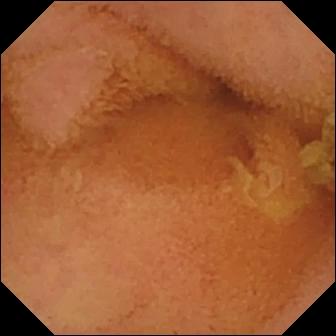WCE — normal clean mucosa.